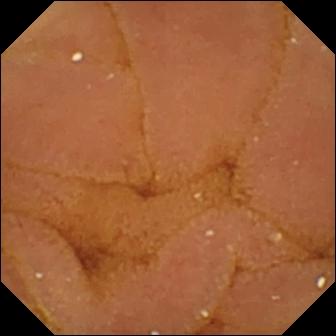PROCEDURE: Wireless capsule endoscopy.
FINDINGS: Normal clean mucosa.